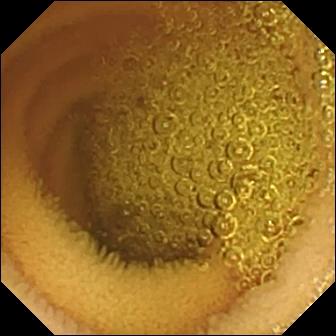- modality: wireless capsule endoscopy
- impression: normal clean mucosa